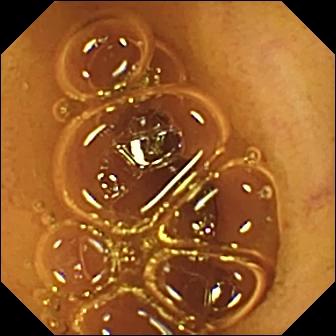{"modality": "VCE", "segment": "small bowel", "finding": "normal clean mucosa"}